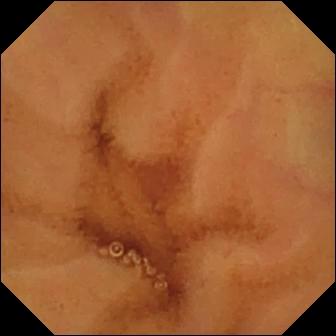This video capsule endoscopy still of the small bowel shows normal clean mucosa.